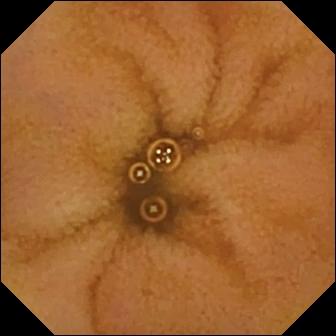This small-bowel capsule endoscopy still shows normal clean mucosa.